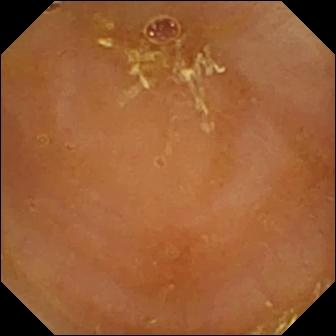modality: capsule endoscopy; segment: small intestine; category: luminal finding; finding: reduced mucosal view (content or bubbles obscuring the mucosa)